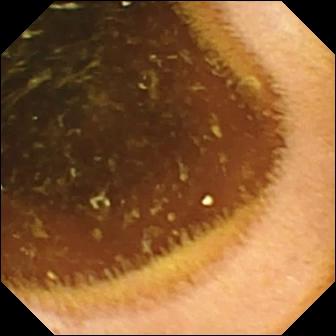Normal clean mucosa — small-bowel capsule endoscopy still of the small intestine.